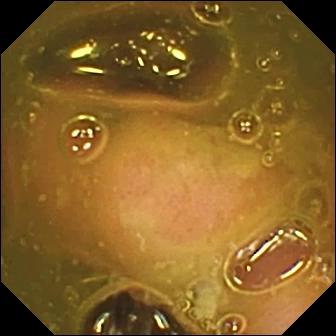modality: wireless capsule endoscopy
category: anatomical landmark
location: ileo-cecal valve region